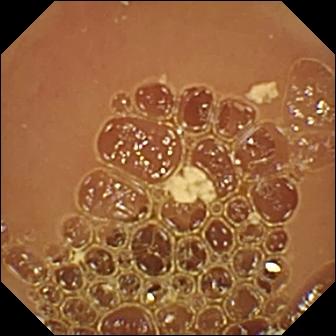Small-bowel capsule endoscopy. Observation: normal clean mucosa.